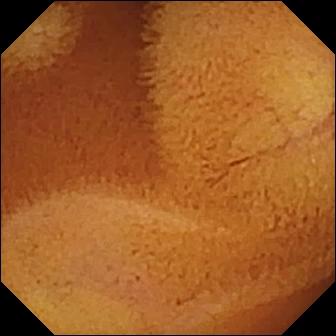WCE. Observation: normal clean mucosa.